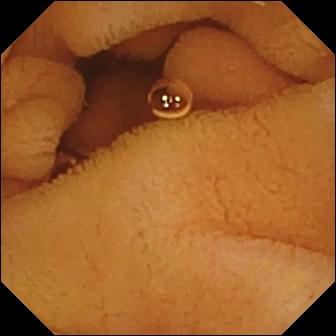This wireless capsule endoscopy frame shows normal clean mucosa.